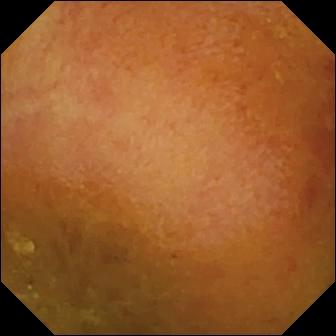WCE — reduced mucosal view (content or bubbles obscuring the mucosa).